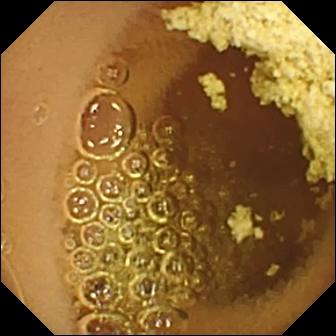Video capsule endoscopy. Small intestine. Observation: normal clean mucosa.